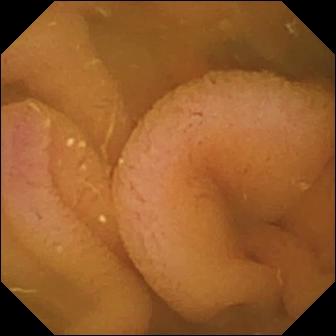- modality: small-bowel capsule endoscopy
- category: luminal finding
- observation: normal clean mucosa